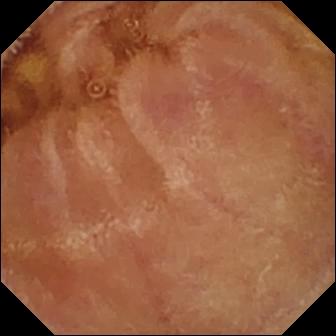{"modality": "wireless capsule endoscopy", "category": "luminal finding", "finding": "normal clean mucosa"}